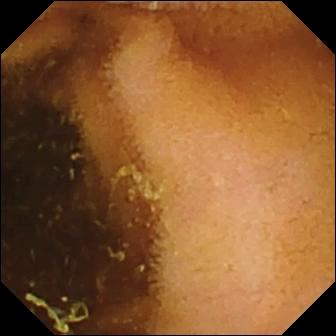Normal clean mucosa — WCE snapshot.